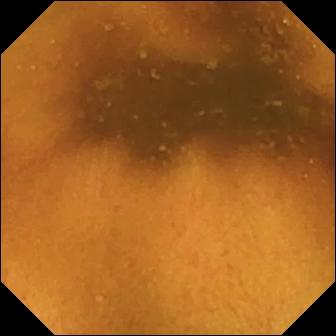Normal clean mucosa — capsule endoscopy still of the small bowel.